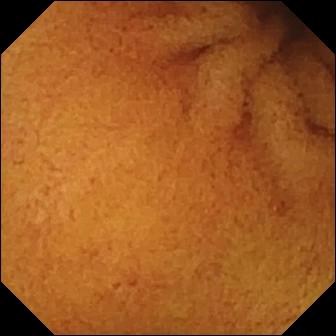modality: capsule endoscopy
segment: small intestine
label: normal clean mucosa